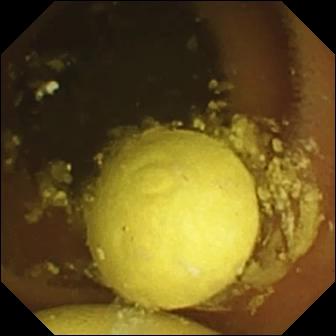Foreign body (e.g. retained capsule, tablet residue).